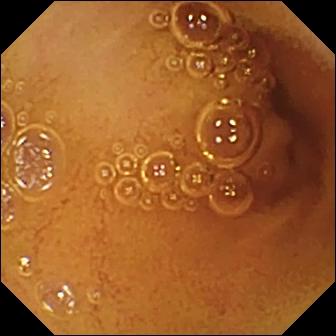WCE snapshot, small intestine
Finding: normal clean mucosa